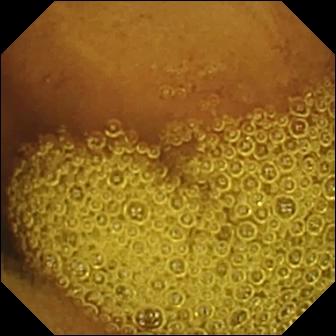Small-bowel capsule endoscopy still (small intestine). Normal clean mucosa.